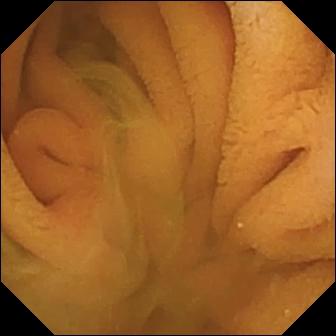This WCE view of the small bowel shows normal clean mucosa.